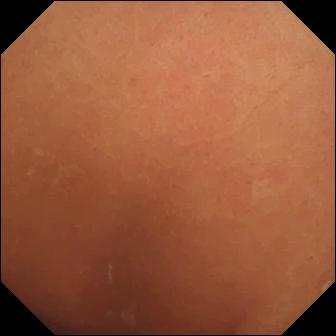VCE snapshot
Label: normal clean mucosa